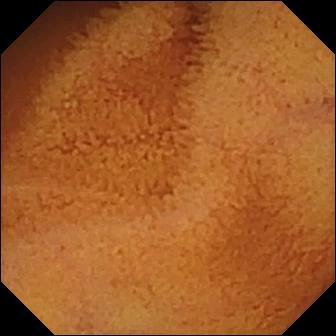WCE still, small bowel
Impression: normal clean mucosa